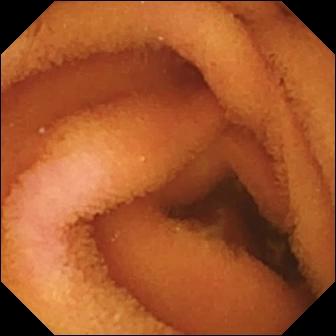{"modality": "VCE", "segment": "small bowel", "finding": "normal clean mucosa"}